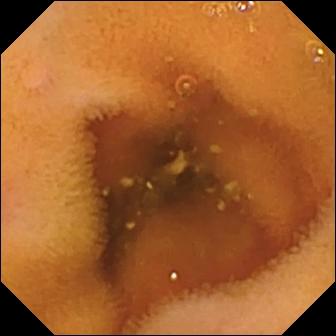Small-bowel capsule endoscopy view, 336×336. Normal clean mucosa.